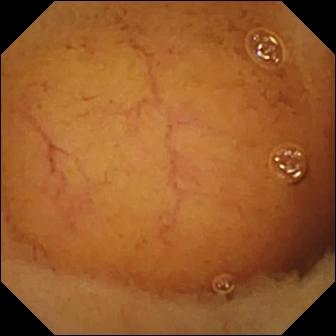Wireless capsule endoscopy — normal clean mucosa.